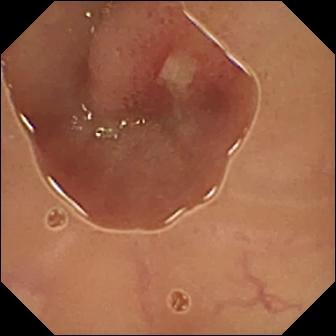Small-bowel capsule endoscopy still
Impression: ulcer